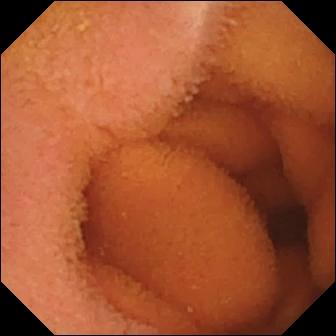Capsule endoscopy view (small intestine). Normal clean mucosa.